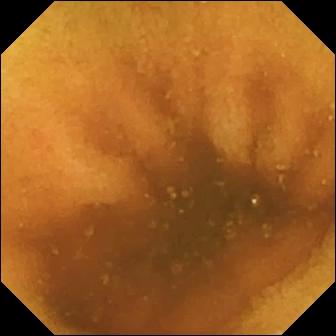WCE — normal clean mucosa.